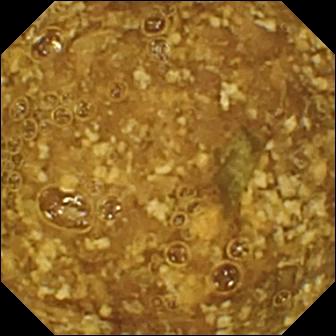VCE frame
Impression: reduced mucosal view (content or bubbles obscuring the mucosa)